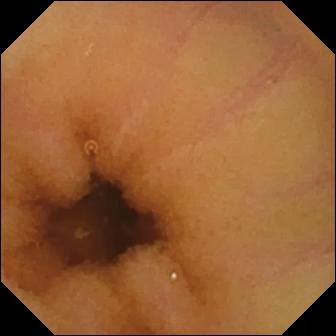Normal clean mucosa.